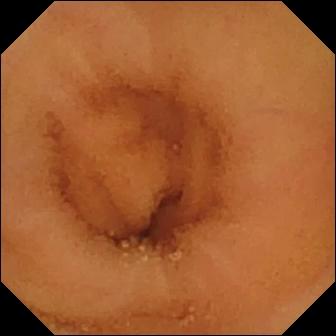PROCEDURE: Capsule endoscopy.
FINDINGS: Normal clean mucosa.